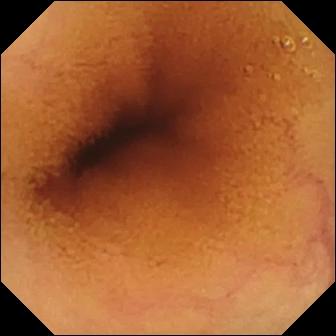Wireless capsule endoscopy — normal clean mucosa.